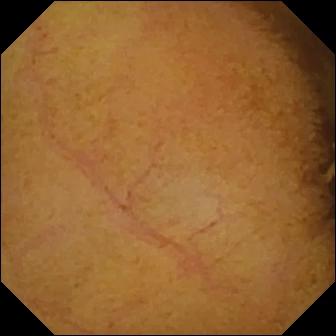Normal clean mucosa.